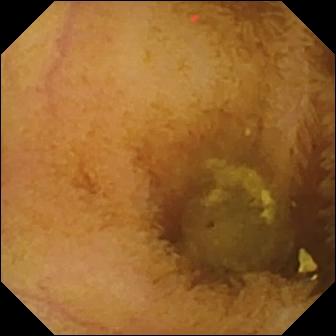- modality: WCE
- segment: small intestine
- impression: normal clean mucosa